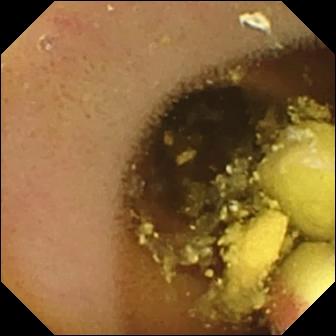Video capsule endoscopy frame
Observation: foreign body (e.g. retained capsule, tablet residue)